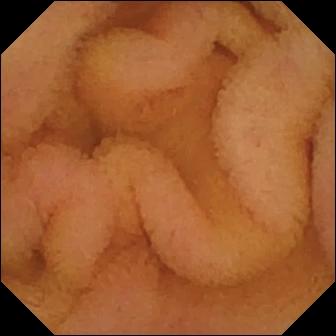Capsule endoscopy — normal clean mucosa.